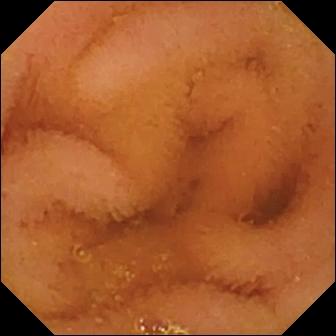{"modality": "capsule endoscopy", "segment": "small intestine", "finding": "normal clean mucosa"}